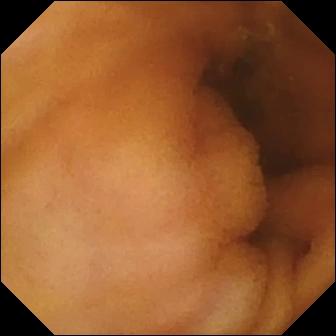Normal clean mucosa — small-bowel capsule endoscopy still of the small intestine.